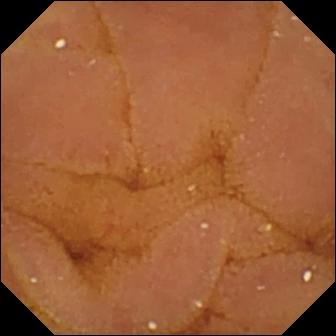modality: video capsule endoscopy; segment: small bowel; category: luminal finding; impression: normal clean mucosa